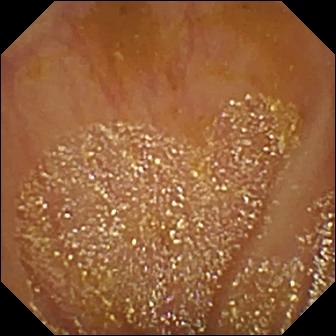{"modality": "WCE", "label": "ileo-cecal valve region (where the capsule passes from the small bowel into the large bowel)"}